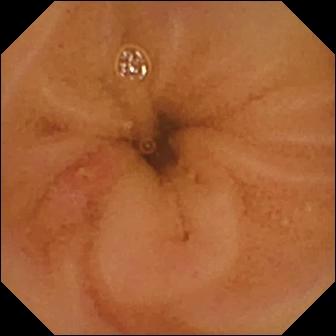- modality: video capsule endoscopy
- finding: ulcer